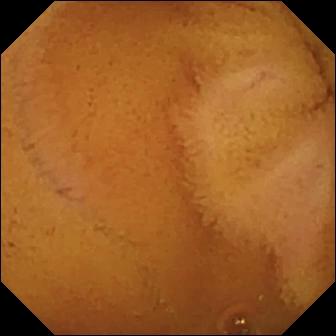- modality: video capsule endoscopy
- segment: small intestine
- category: luminal finding
- label: normal clean mucosa